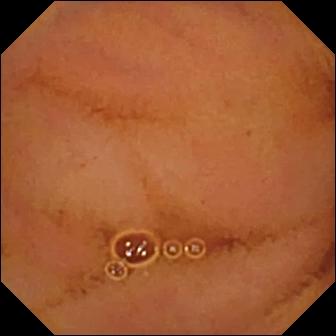Normal clean mucosa — VCE view of the small bowel.